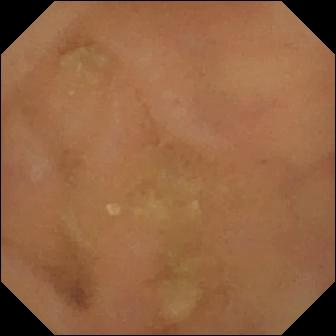Normal clean mucosa (336×336).